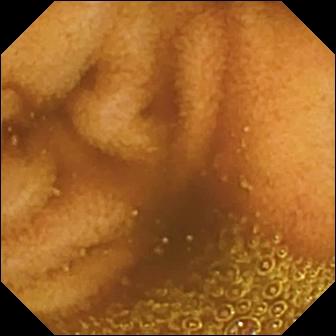PROCEDURE: WCE.
SEGMENT: Small bowel.
FINDINGS: Normal clean mucosa.